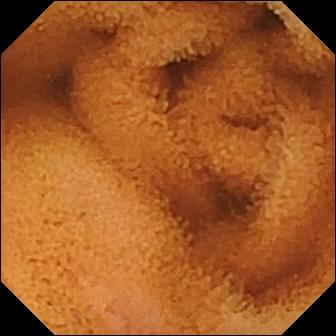Normal clean mucosa — wireless capsule endoscopy image.